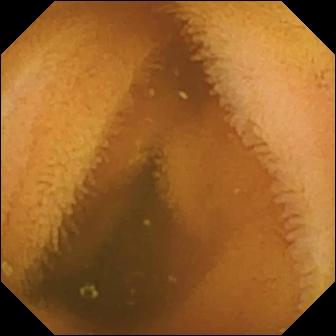{"modality": "capsule endoscopy", "category": "luminal finding", "finding": "normal clean mucosa"}